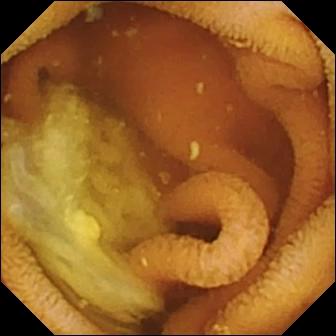Capsule endoscopy snapshot of the small bowel showing normal clean mucosa.